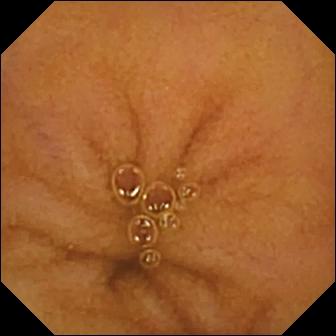PROCEDURE: VCE.
SEGMENT: Small bowel.
FINDINGS: Normal clean mucosa.